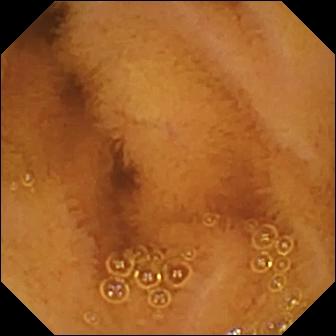Capsule endoscopy. Label: normal clean mucosa.